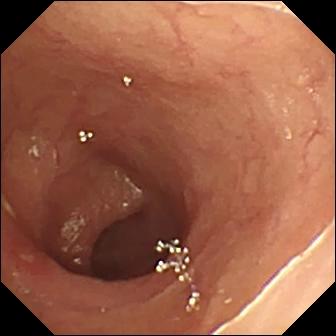VCE. Luminal finding. Finding: ulcer.